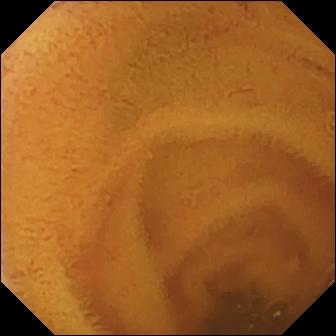PROCEDURE: VCE.
SEGMENT: Small bowel.
FINDINGS: Normal clean mucosa.